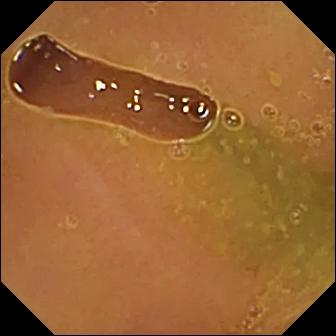Small-bowel capsule endoscopy. Observation: normal clean mucosa.